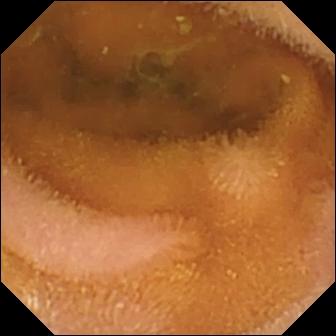Q: What does this wireless capsule endoscopy still show?
A: Normal clean mucosa.